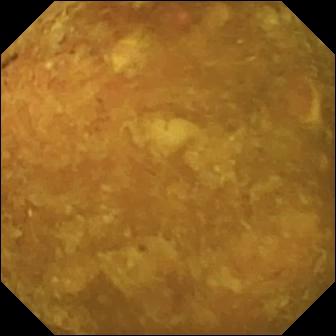PROCEDURE: VCE.
FINDINGS: Reduced mucosal view (content or bubbles obscuring the mucosa).